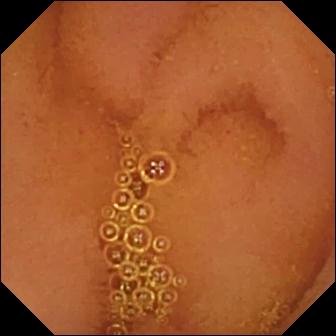- modality: video capsule endoscopy
- impression: normal clean mucosa